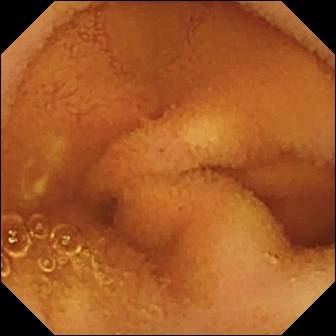Wireless capsule endoscopy view
Finding: normal clean mucosa